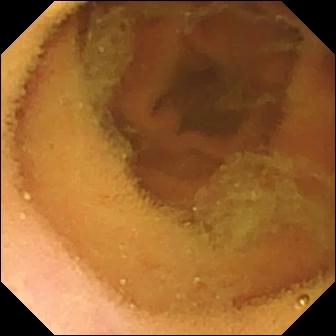Q: What does this capsule endoscopy frame show?
A: Normal clean mucosa.